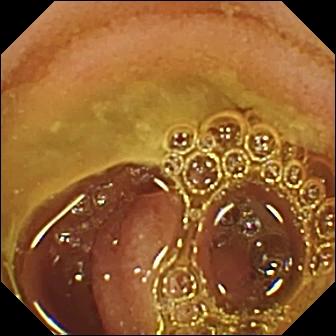Q: What does this video capsule endoscopy still show?
A: Normal clean mucosa.